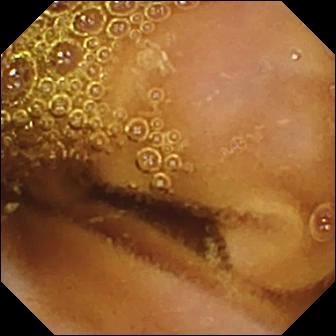PROCEDURE: WCE.
SEGMENT: Small bowel.
FINDINGS: Normal clean mucosa.